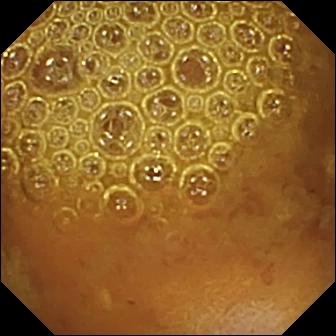This small-bowel capsule endoscopy image of the small intestine shows reduced mucosal view (content or bubbles obscuring the mucosa).